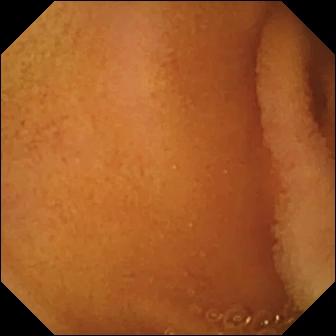- modality: video capsule endoscopy
- segment: small bowel
- finding: normal clean mucosa